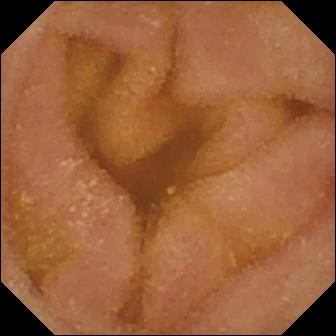Normal clean mucosa.